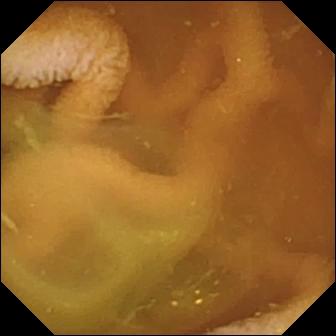Wireless capsule endoscopy still, small bowel
Observation: normal clean mucosa